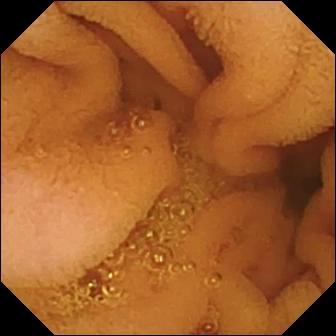Normal clean mucosa (336×336).